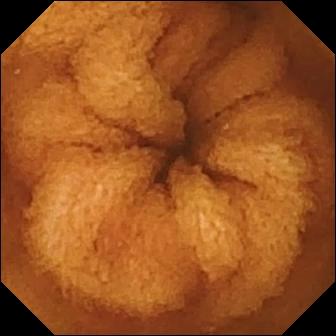VCE still. Normal clean mucosa.